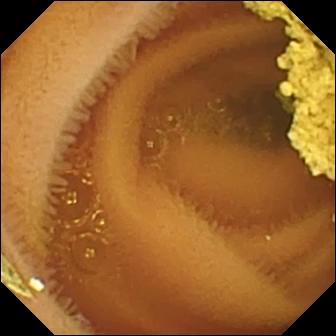- modality: wireless capsule endoscopy
- segment: small intestine
- observation: normal clean mucosa